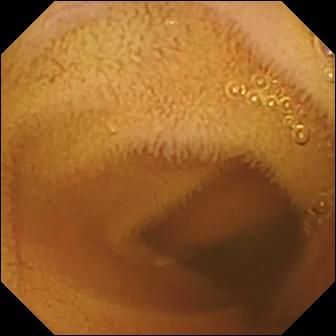Small-bowel capsule endoscopy image
Observation: normal clean mucosa